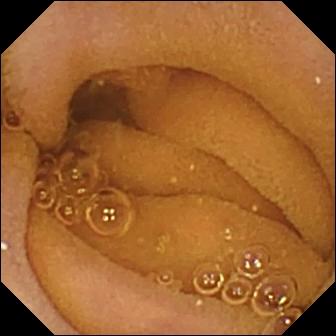Q: What does this WCE snapshot of the small bowel show?
A: Normal clean mucosa.